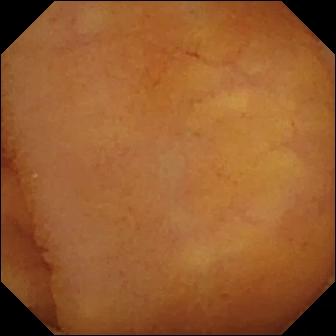Normal clean mucosa.